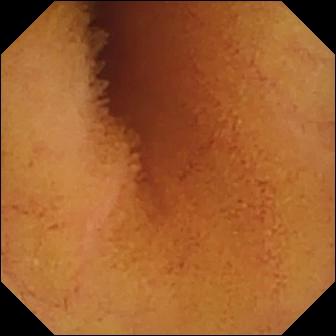PROCEDURE: Capsule endoscopy.
FINDINGS: Normal clean mucosa.